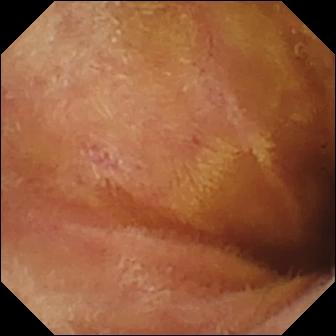Small-bowel capsule endoscopy image showing normal clean mucosa.